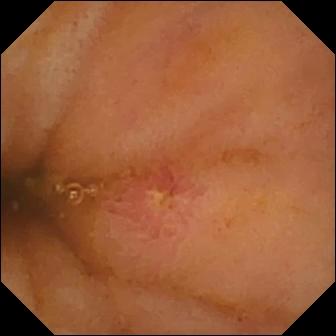VCE — ulcer.